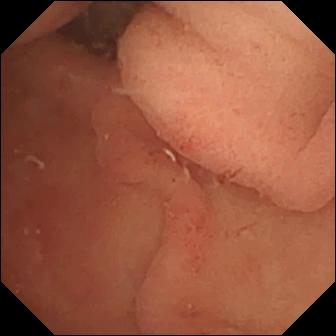modality: WCE | video segment: pylorus region